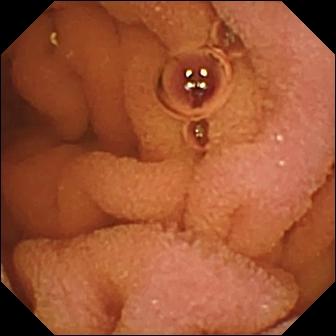Small-bowel capsule endoscopy — normal clean mucosa.